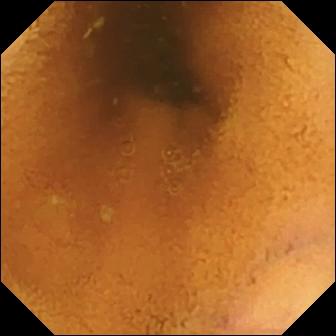This wireless capsule endoscopy view shows normal clean mucosa.